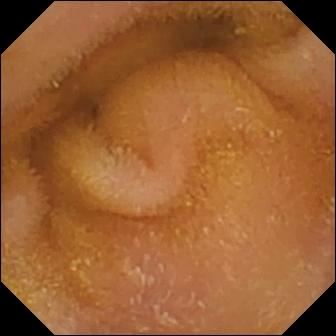WCE view, small intestine
Observation: normal clean mucosa